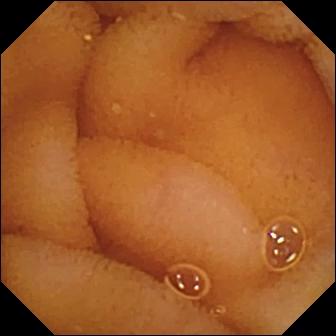Normal clean mucosa — small-bowel capsule endoscopy snapshot of the small intestine.